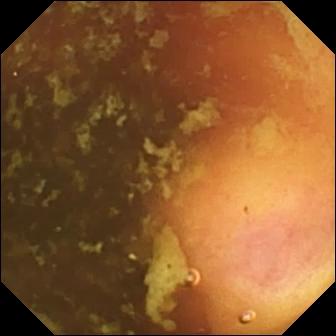- modality: video capsule endoscopy
- category: anatomical landmark
- position: ileo-cecal valve region (the transition from the small bowel to the large bowel)